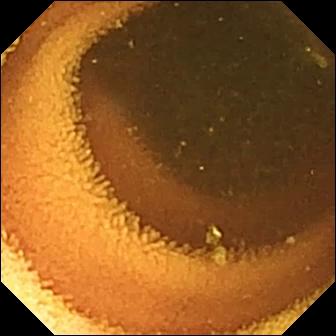Q: What does this capsule endoscopy snapshot show?
A: Normal clean mucosa.